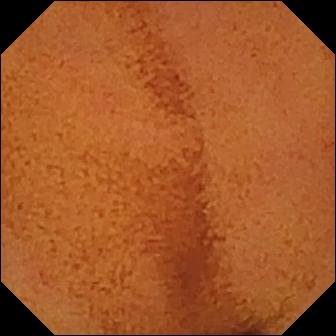modality: video capsule endoscopy | segment: small bowel | observation: normal clean mucosa